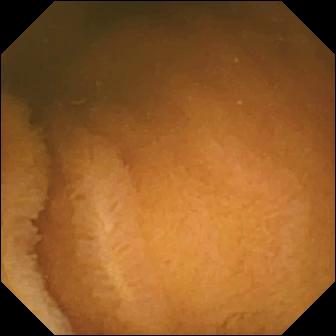VCE — normal clean mucosa.